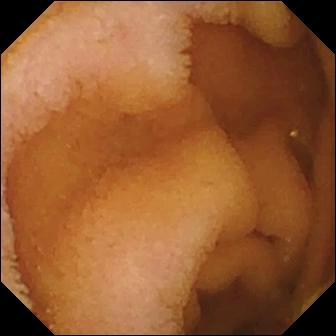Q: What does this wireless capsule endoscopy frame of the small bowel show?
A: Normal clean mucosa.